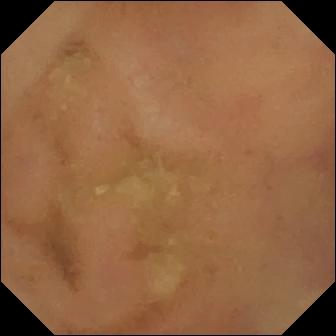Small-bowel capsule endoscopy image
Observation: normal clean mucosa